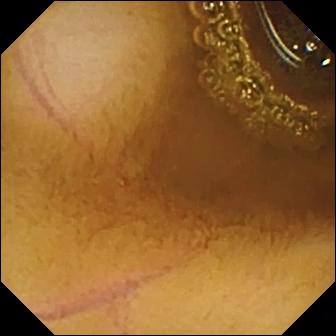Q: What does this WCE snapshot show?
A: Normal clean mucosa.